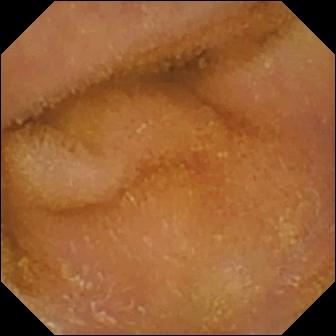Normal clean mucosa.